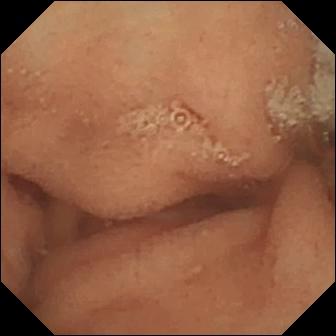Wireless capsule endoscopy snapshot showing normal clean mucosa.